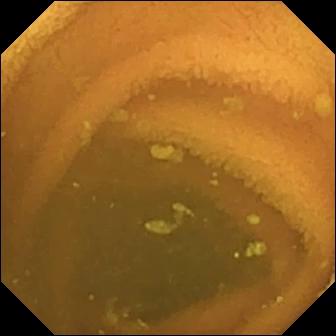Small-bowel capsule endoscopy image. Normal clean mucosa.